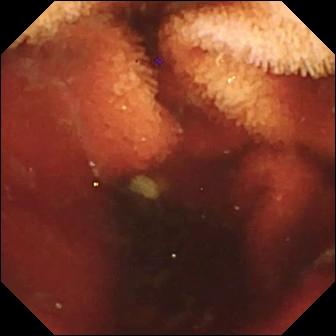Fresh blood in the lumen.